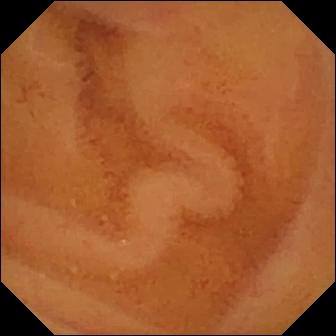VCE still showing normal clean mucosa.